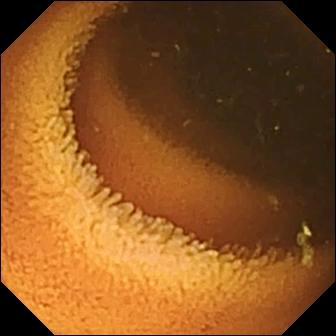PROCEDURE: Small-bowel capsule endoscopy.
SEGMENT: Small intestine.
FINDINGS: Normal clean mucosa.